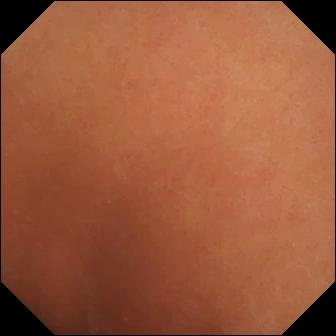Q: What does this VCE frame show?
A: Normal clean mucosa.